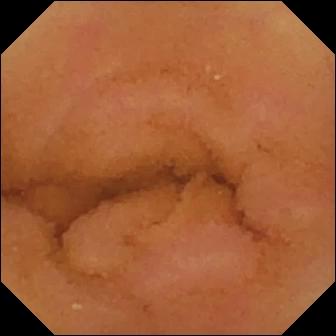VCE view. Normal clean mucosa.